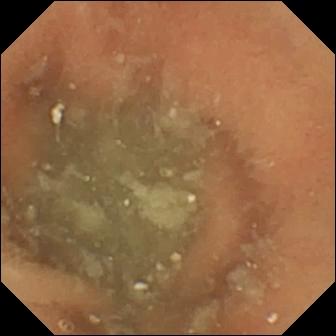This WCE image shows normal clean mucosa.